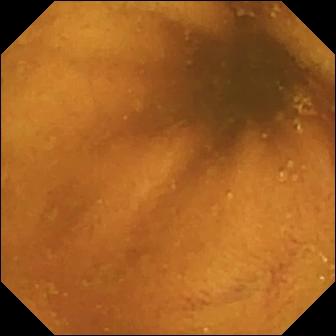Normal clean mucosa — VCE frame.